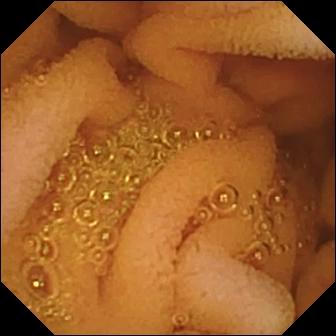Small-bowel capsule endoscopy snapshot. Normal clean mucosa.